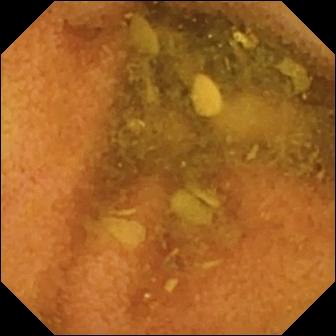Normal clean mucosa — WCE frame of the small bowel.